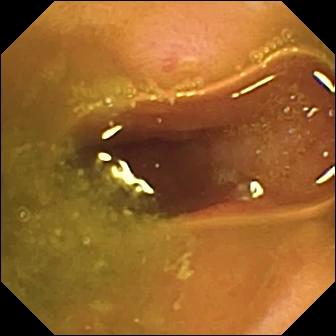- modality: WCE
- category: luminal finding
- impression: ulcer